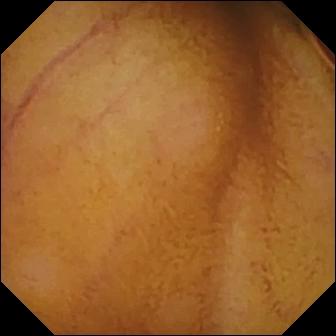Small-bowel capsule endoscopy still (small intestine), 336×336. Normal clean mucosa.